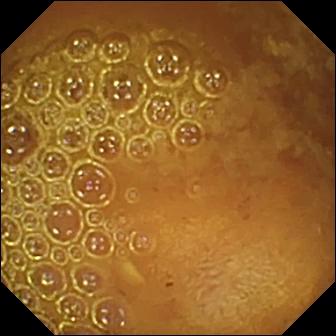Reduced mucosal view (content or bubbles obscuring the mucosa) (336×336).